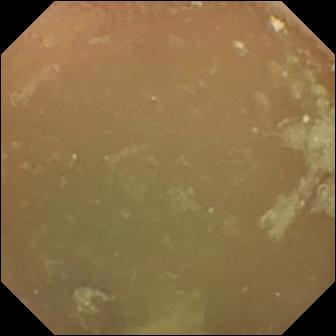Normal clean mucosa (336×336).